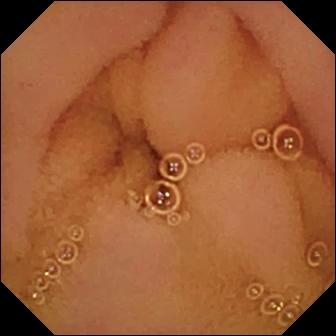This WCE frame of the small bowel shows normal clean mucosa.